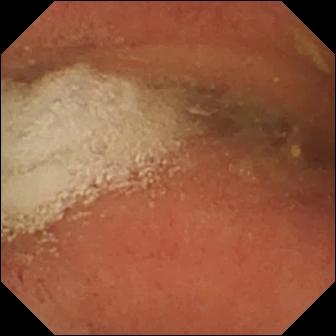This VCE view was taken in the pylorus region (where the capsule passes from the stomach into the small bowel).